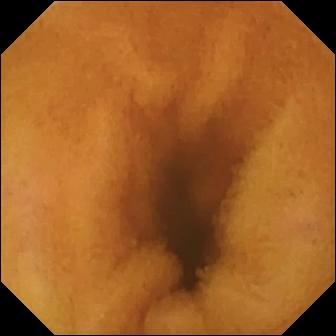Wireless capsule endoscopy. Luminal finding. Impression: normal clean mucosa.